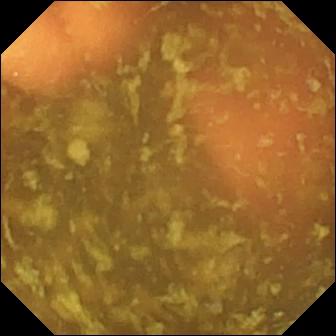Wireless capsule endoscopy — ileo-cecal valve region.